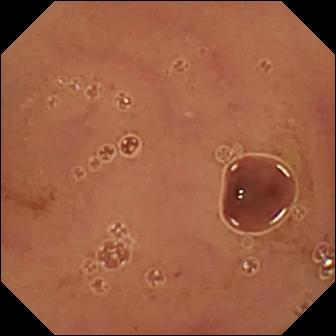modality: small-bowel capsule endoscopy | segment: small intestine | category: luminal finding | label: normal clean mucosa